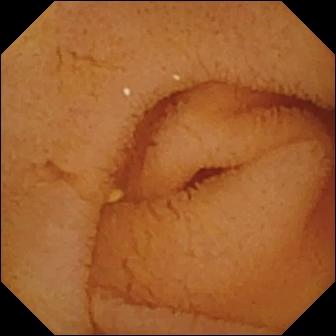modality: video capsule endoscopy; impression: normal clean mucosa